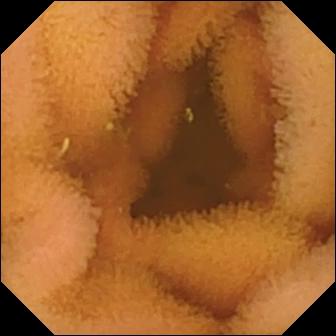modality: wireless capsule endoscopy | segment: small bowel | category: luminal finding | finding: normal clean mucosa